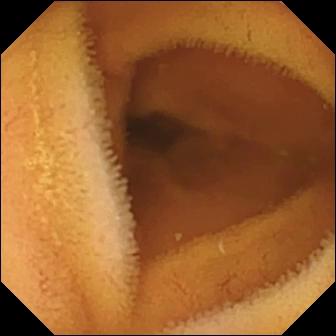- modality: wireless capsule endoscopy
- label: normal clean mucosa